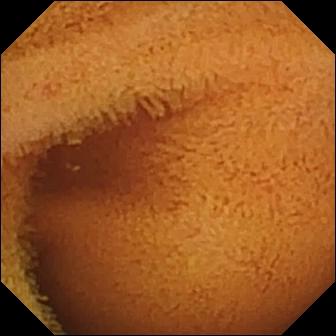Capsule endoscopy view of the small bowel showing normal clean mucosa.